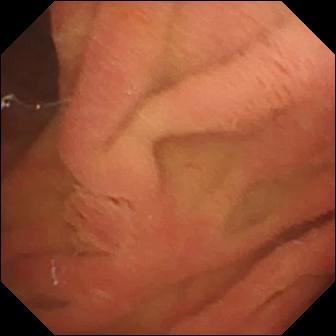WCE — ampulla of Vater (major duodenal papilla).